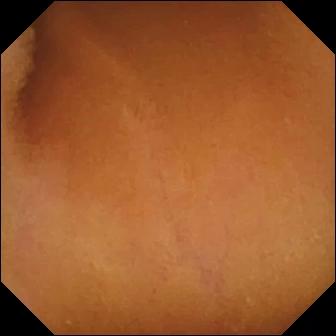Wireless capsule endoscopy still. Normal clean mucosa.